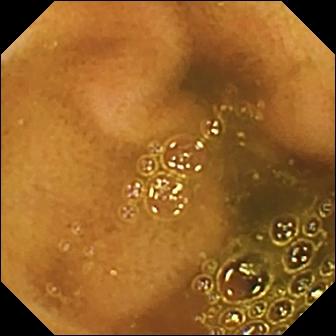Video capsule endoscopy. Position: ileo-cecal valve region (where the capsule passes from the small bowel into the large bowel).